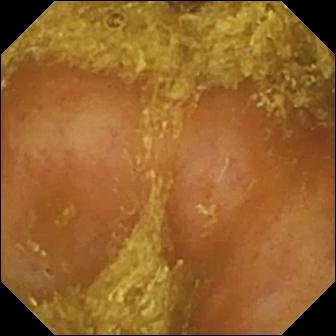This video capsule endoscopy view of the small bowel shows reduced mucosal view (content or bubbles obscuring the mucosa).